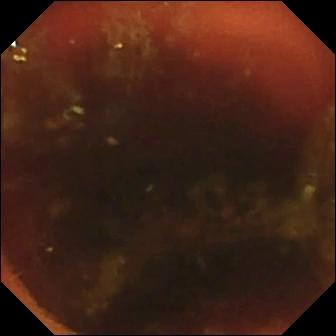This small-bowel capsule endoscopy image was taken in the ileo-cecal valve region (the transition from the small bowel to the large bowel).